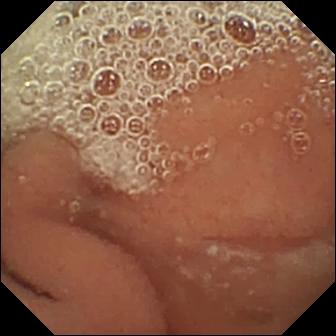Video capsule endoscopy image, small intestine
Label: normal clean mucosa